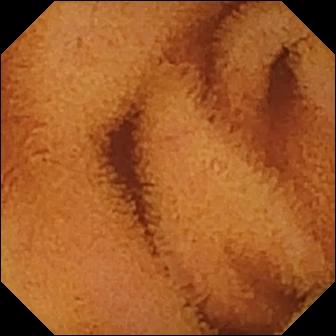Normal clean mucosa.